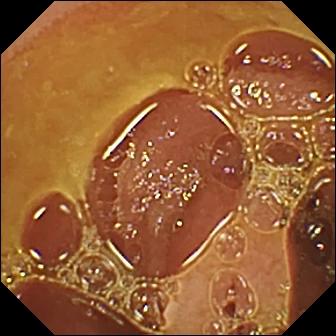PROCEDURE: Wireless capsule endoscopy.
SEGMENT: Small intestine.
FINDINGS: Normal clean mucosa.